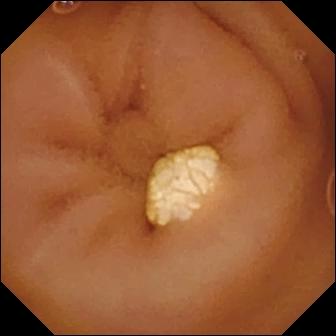Lymphangiectasia — VCE frame.